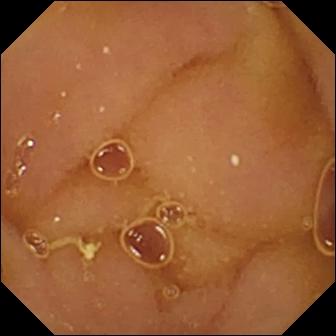Q: What does this small-bowel capsule endoscopy image of the small intestine show?
A: Normal clean mucosa.